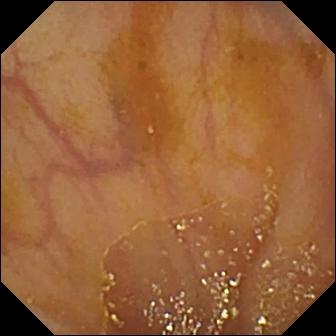WCE — ileo-cecal valve region.